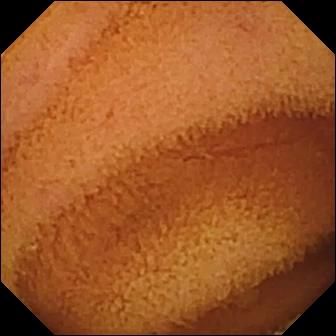Small-bowel capsule endoscopy view. Normal clean mucosa.